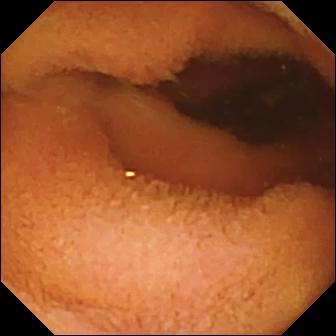This small-bowel capsule endoscopy frame shows normal clean mucosa.